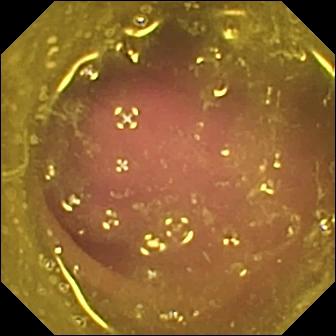Small-bowel capsule endoscopy still, small bowel
Observation: reduced mucosal view (content or bubbles obscuring the mucosa)